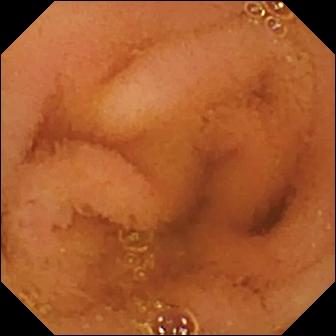modality: small-bowel capsule endoscopy | category: luminal finding | impression: normal clean mucosa